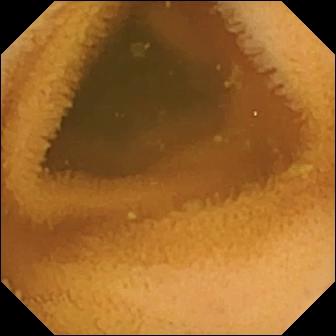This VCE still shows normal clean mucosa.